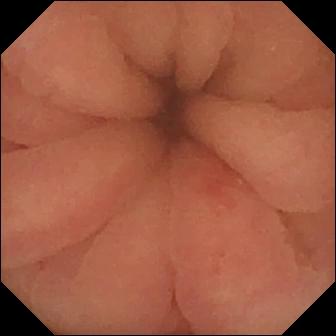Q: Where in the digestive tract was this WCE frame taken?
A: Pylorus region.